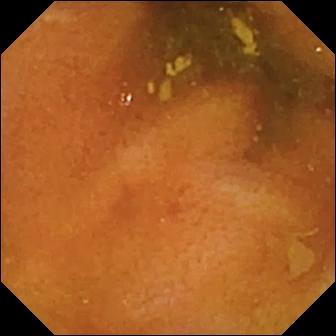Small-bowel capsule endoscopy — normal clean mucosa.